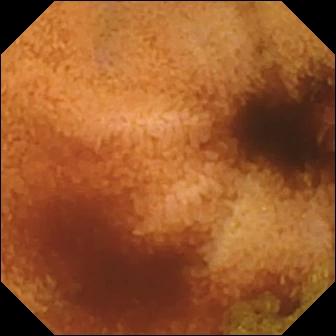Capsule endoscopy still (small bowel), 336×336. Normal clean mucosa.